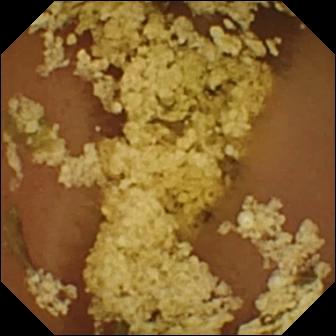Wireless capsule endoscopy — normal clean mucosa.